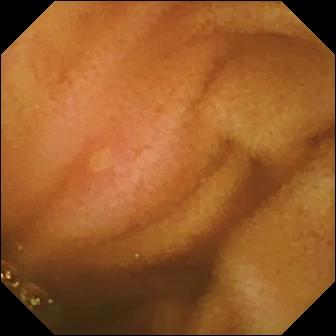Erosion — WCE image.